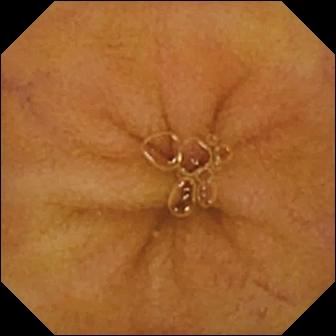Small-bowel capsule endoscopy frame (small intestine). Normal clean mucosa.